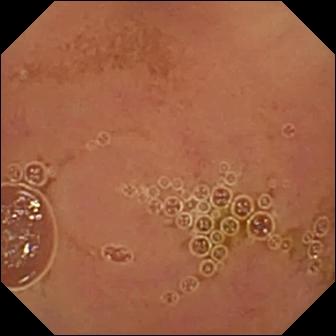WCE image (small bowel). Normal clean mucosa.